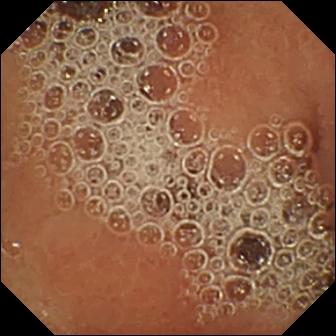This small-bowel capsule endoscopy snapshot shows normal clean mucosa.